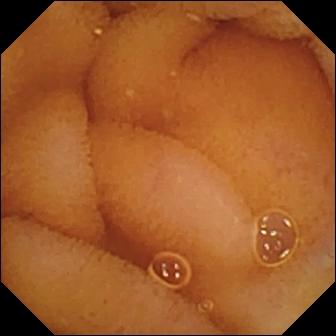Small-bowel capsule endoscopy. Small bowel. Finding: normal clean mucosa.